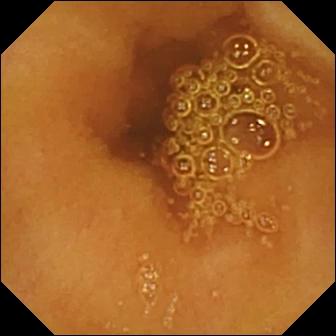Video capsule endoscopy image of the small bowel showing normal clean mucosa.